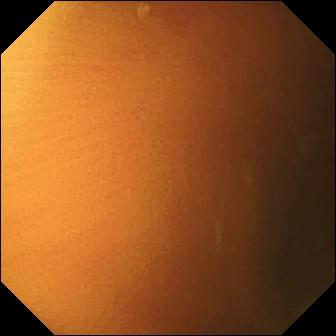Small-bowel capsule endoscopy still of the small intestine showing normal clean mucosa.